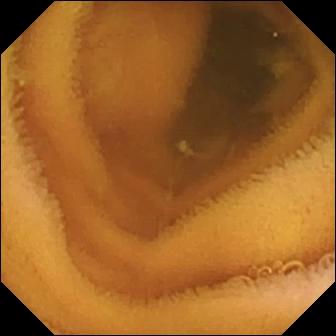modality: WCE
label: normal clean mucosa